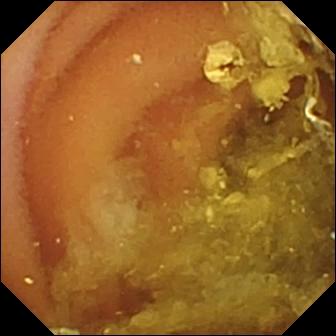WCE. Small intestine. Impression: normal clean mucosa.